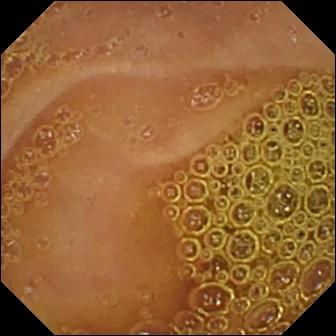Normal clean mucosa — VCE frame of the small bowel.